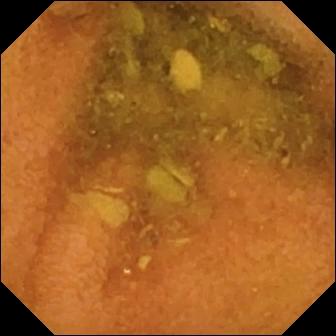Video capsule endoscopy. Small intestine. Impression: normal clean mucosa.